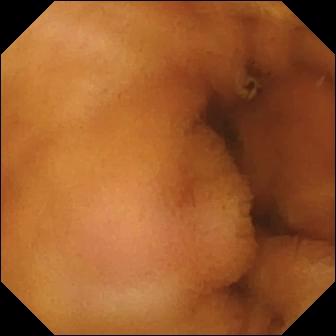VCE. Observation: normal clean mucosa.